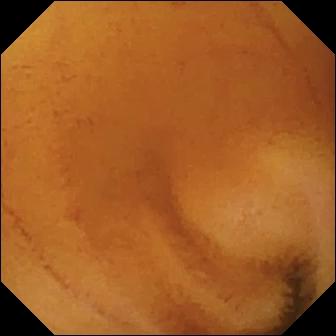WCE snapshot
Observation: normal clean mucosa